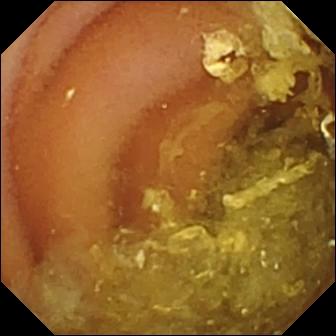Q: What does this VCE view show?
A: Normal clean mucosa.